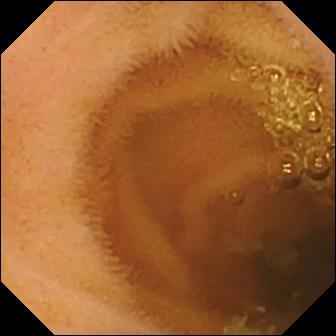Q: What does this wireless capsule endoscopy view show?
A: Normal clean mucosa.